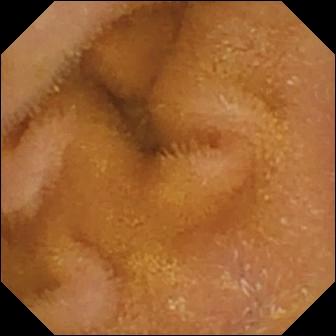Q: What does this wireless capsule endoscopy snapshot show?
A: Normal clean mucosa.